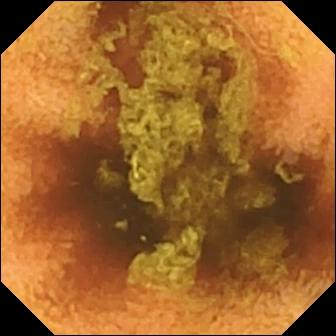Q: What does this video capsule endoscopy frame of the small intestine show?
A: Normal clean mucosa.